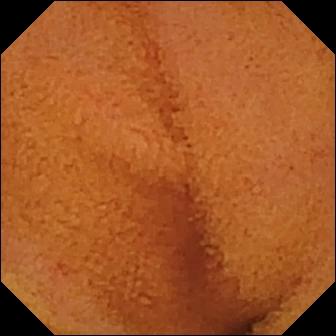modality: capsule endoscopy
segment: small bowel
finding: normal clean mucosa